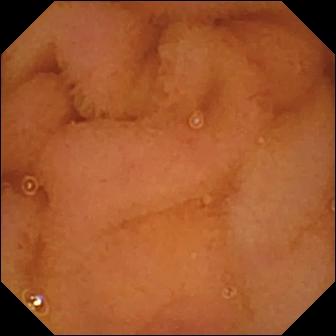Q: What does this video capsule endoscopy still show?
A: Normal clean mucosa.